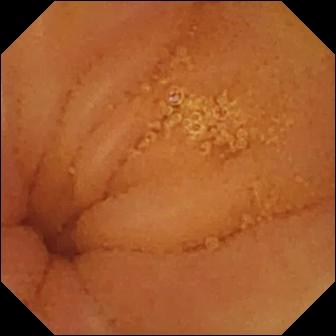PROCEDURE: WCE.
FINDINGS: Normal clean mucosa.